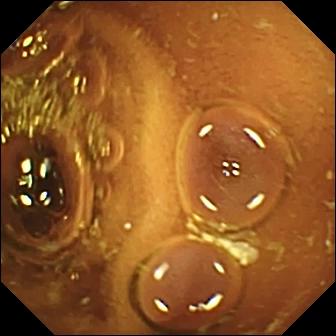PROCEDURE: WCE.
FINDINGS: Normal clean mucosa.